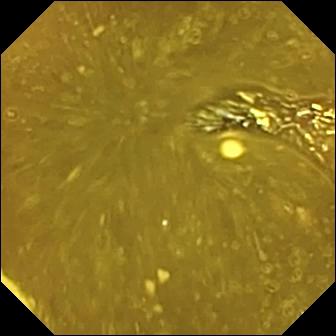VCE frame
Label: ileo-cecal valve region (the transition from the small bowel to the large bowel)